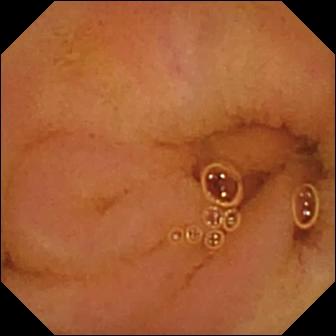Normal clean mucosa — capsule endoscopy still.